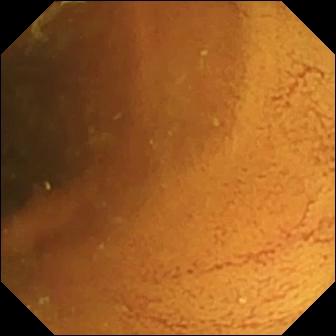Video capsule endoscopy — normal clean mucosa.